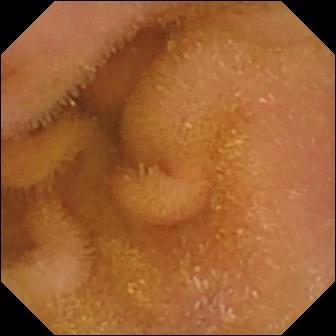{"modality": "wireless capsule endoscopy", "segment": "small intestine", "finding": "normal clean mucosa"}